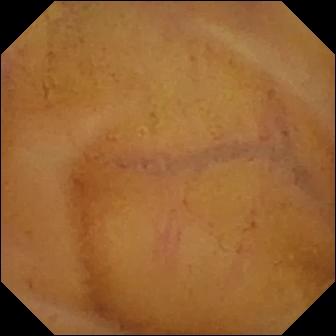{"modality": "WCE", "category": "luminal finding", "finding": "normal clean mucosa"}